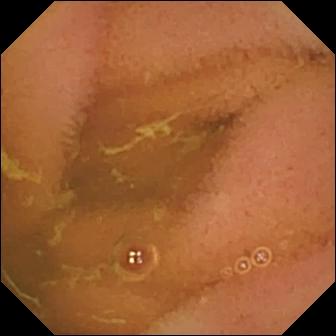Capsule endoscopy view, small intestine
Observation: normal clean mucosa